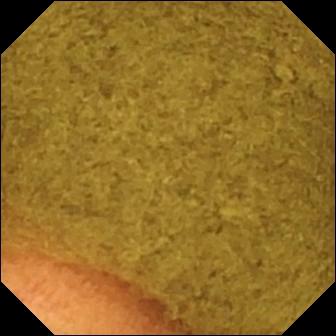Video capsule endoscopy image taken in the ileo-cecal valve region (the transition from the small bowel to the large bowel).